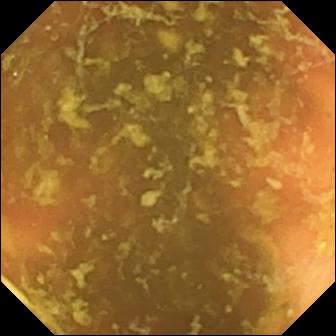Small-bowel capsule endoscopy — ileo-cecal valve region (the transition from the small bowel to the large bowel).